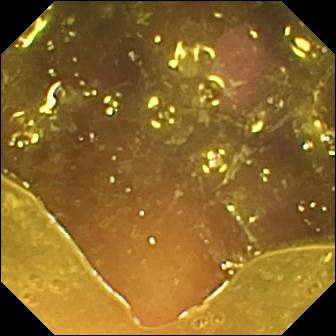Capsule endoscopy. Small bowel. Finding: reduced mucosal view (content or bubbles obscuring the mucosa).